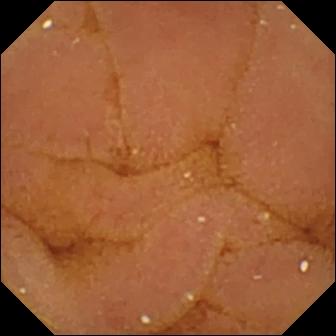Video capsule endoscopy — normal clean mucosa.